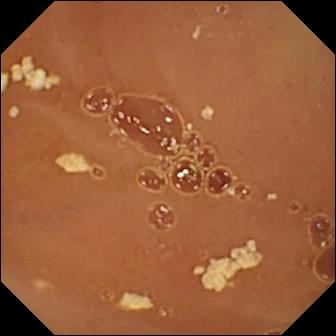Small-bowel capsule endoscopy frame showing normal clean mucosa.